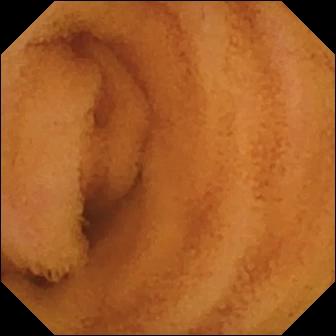{"modality": "video capsule endoscopy", "segment": "small intestine", "finding": "normal clean mucosa"}